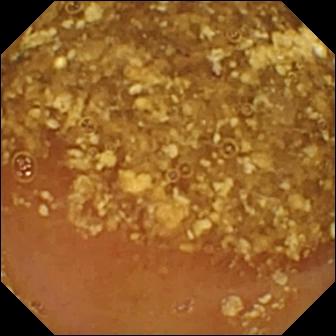PROCEDURE: Video capsule endoscopy.
FINDINGS: Reduced mucosal view (content or bubbles obscuring the mucosa).